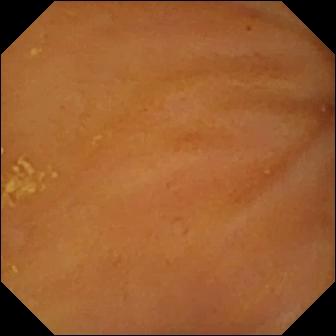modality: video capsule endoscopy; location: ileo-cecal valve region (the transition from the small bowel to the large bowel)